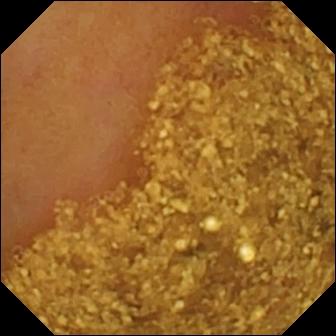VCE frame
Location: ileo-cecal valve region